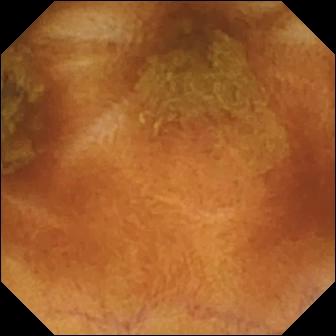Q: What does this video capsule endoscopy frame of the small intestine show?
A: Normal clean mucosa.